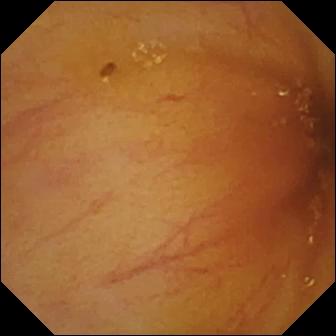{"modality": "capsule endoscopy", "location": "ileo-cecal valve region (the transition from the small bowel to the large bowel)"}